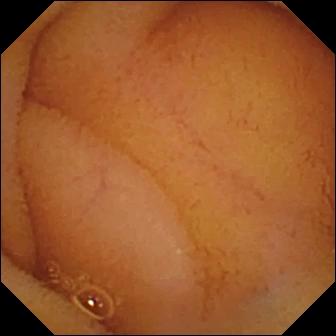This small-bowel capsule endoscopy snapshot shows normal clean mucosa.